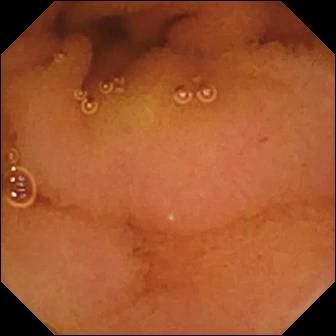{"modality": "VCE", "segment": "small bowel", "finding": "normal clean mucosa"}